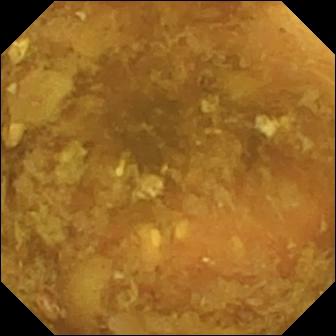Video capsule endoscopy snapshot showing reduced mucosal view (content or bubbles obscuring the mucosa).